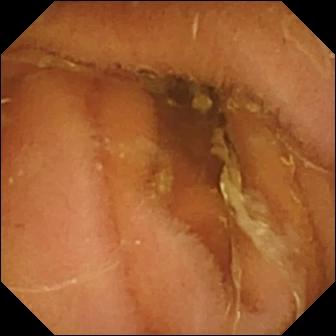PROCEDURE: Small-bowel capsule endoscopy.
FINDINGS: Normal clean mucosa.